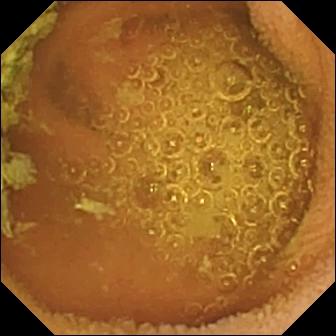Wireless capsule endoscopy snapshot
Impression: normal clean mucosa